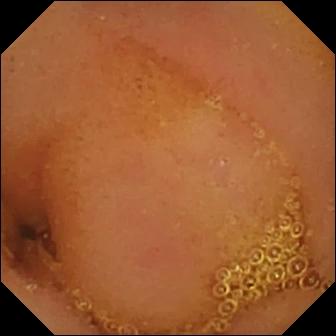Capsule endoscopy — normal clean mucosa.